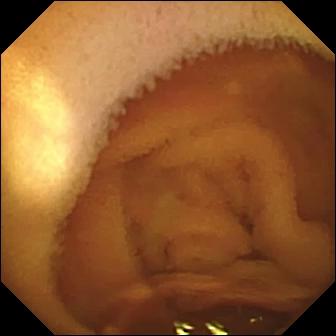Normal clean mucosa.